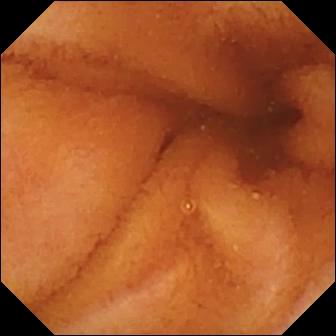modality: WCE | segment: small bowel | impression: normal clean mucosa